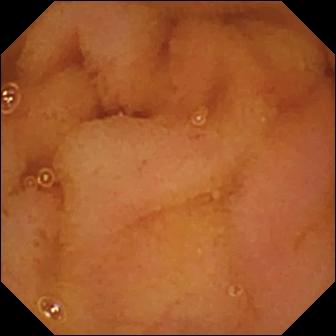Wireless capsule endoscopy image, small bowel
Label: normal clean mucosa